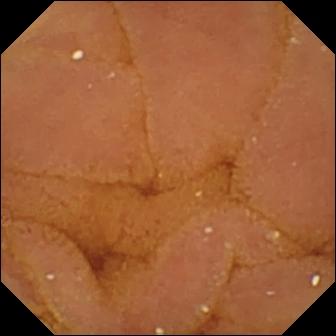{"modality": "video capsule endoscopy", "finding": "normal clean mucosa"}